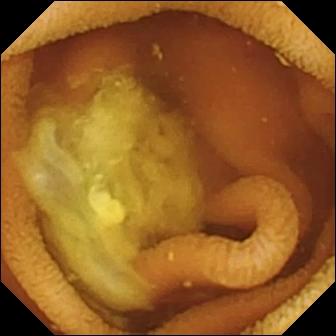{"modality": "WCE", "finding": "normal clean mucosa"}